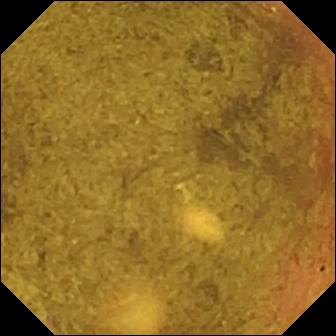modality: small-bowel capsule endoscopy; label: ileo-cecal valve region